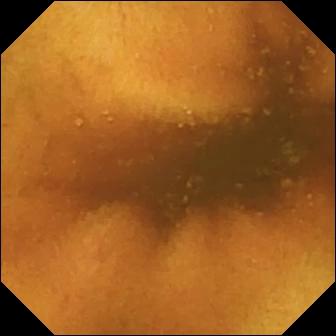modality: wireless capsule endoscopy; category: luminal finding; finding: normal clean mucosa